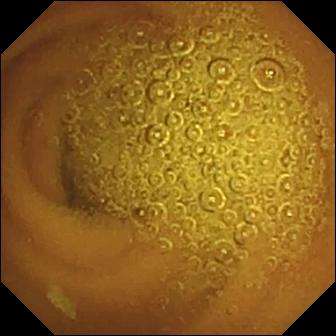This VCE snapshot of the small intestine shows normal clean mucosa.